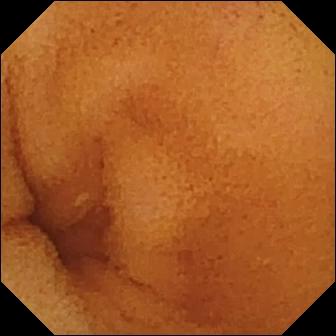PROCEDURE: VCE.
SEGMENT: Small bowel.
FINDINGS: Normal clean mucosa.